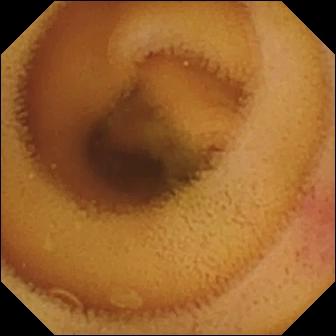Q: What does this small-bowel capsule endoscopy still show?
A: Angiectasia.